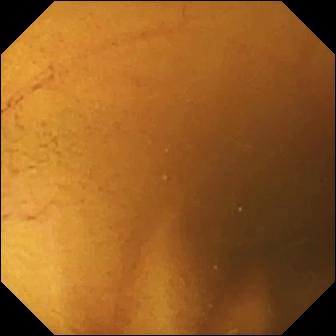This wireless capsule endoscopy frame shows normal clean mucosa.